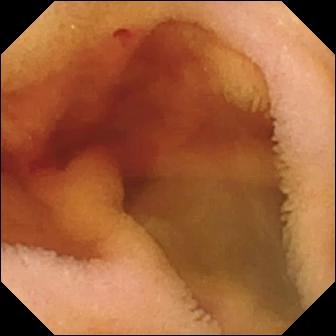{"modality": "VCE", "finding": "fresh blood in the lumen"}